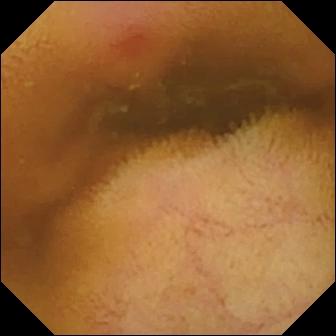WCE — erythema (mucosal redness).